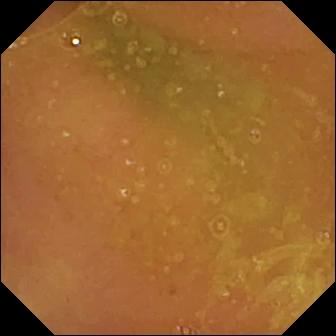{"modality": "VCE", "segment": "small intestine", "finding": "normal clean mucosa"}